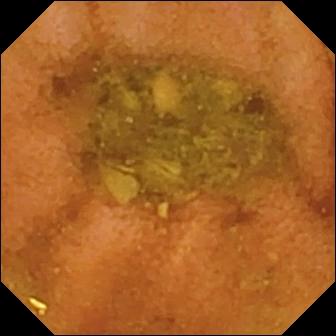{"modality": "small-bowel capsule endoscopy", "finding": "normal clean mucosa"}